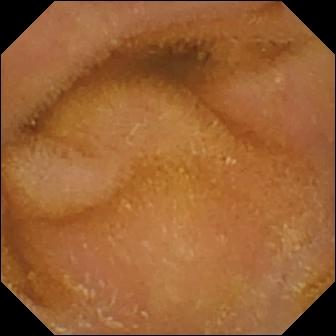Q: What does this small-bowel capsule endoscopy snapshot show?
A: Normal clean mucosa.